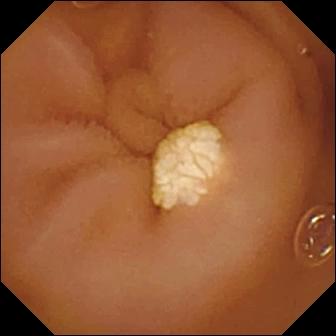WCE. Impression: lymphangiectasia.